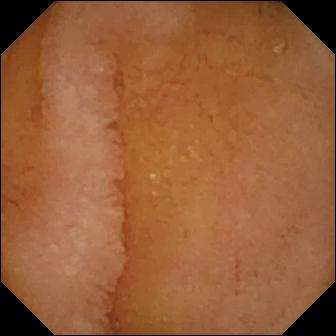Small-bowel capsule endoscopy — normal clean mucosa.